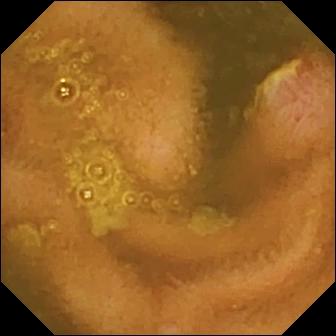Wireless capsule endoscopy frame showing ulcer.